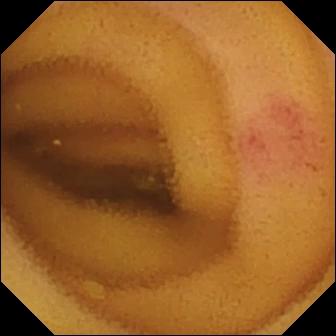Q: What does this VCE image show?
A: Angiectasia.